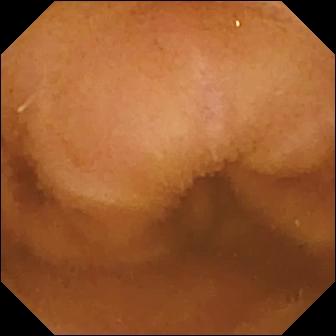Video capsule endoscopy — normal clean mucosa.